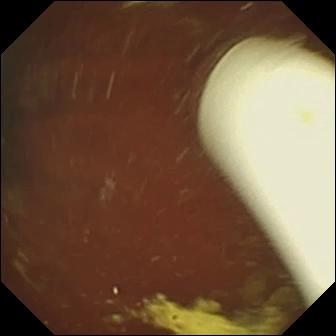VCE. Label: foreign body (e.g. retained capsule, tablet residue).